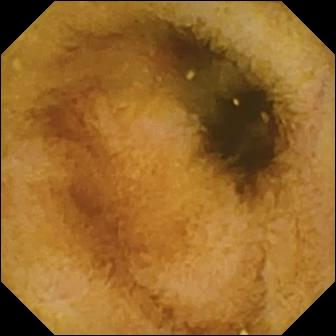modality: VCE | category: luminal finding | impression: normal clean mucosa